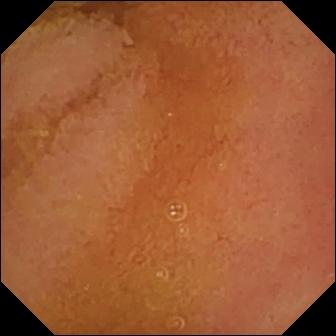WCE. Small bowel. Luminal finding. Impression: normal clean mucosa.